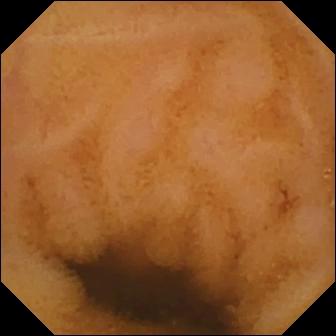Video capsule endoscopy image, small bowel
Label: normal clean mucosa